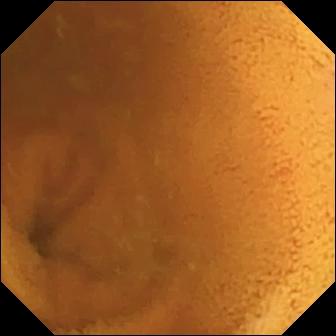Q: What does this WCE frame show?
A: Normal clean mucosa.